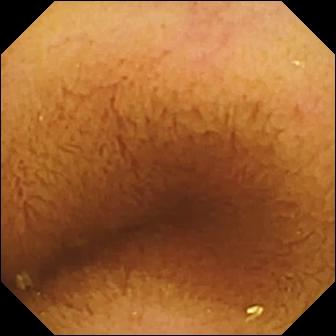modality: VCE; category: luminal finding; observation: normal clean mucosa